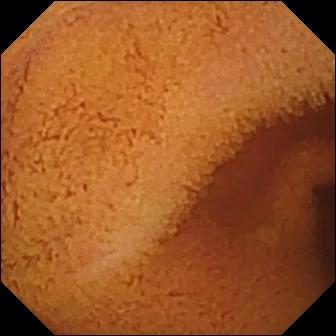Capsule endoscopy. Small bowel. Label: normal clean mucosa.